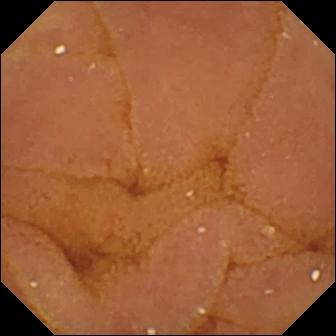Q: What does this WCE snapshot of the small bowel show?
A: Normal clean mucosa.